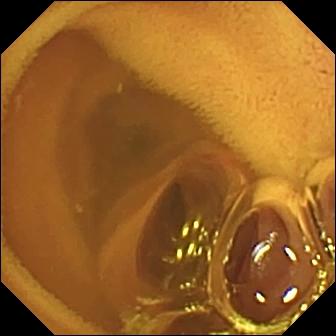This VCE still shows normal clean mucosa.